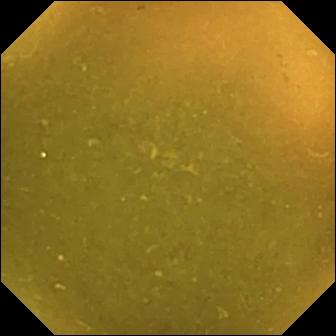WCE frame taken in the ileo-cecal valve region (where the capsule passes from the small bowel into the large bowel).